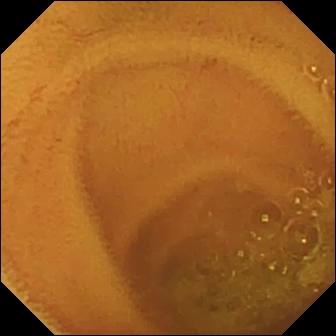Small-bowel capsule endoscopy image (small intestine). Normal clean mucosa.